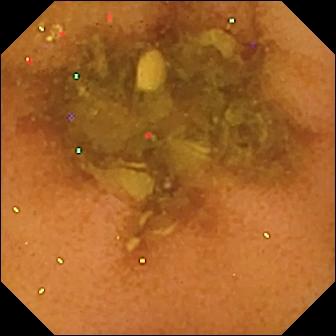Normal clean mucosa — WCE image.